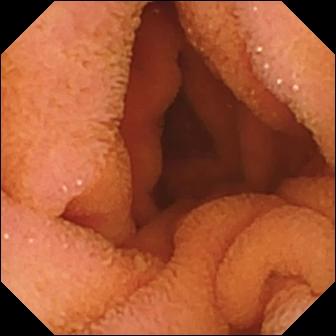Small-bowel capsule endoscopy still showing normal clean mucosa.